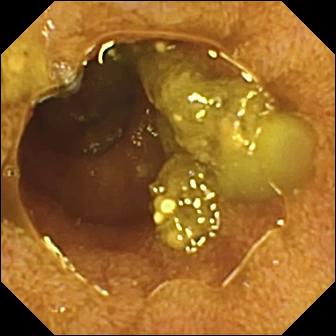Ileo-cecal valve region (the transition from the small bowel to the large bowel) — video capsule endoscopy snapshot.